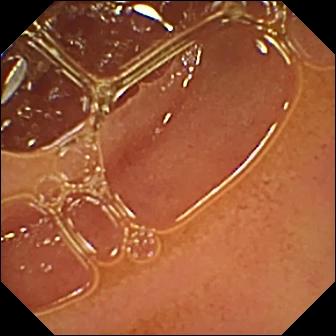- modality: VCE
- observation: normal clean mucosa